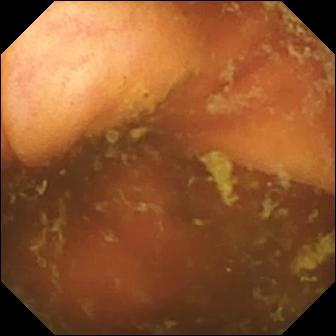VCE frame
Position: ileo-cecal valve region